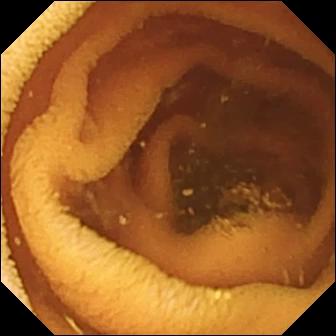PROCEDURE: Capsule endoscopy.
SEGMENT: Small bowel.
FINDINGS: Normal clean mucosa.